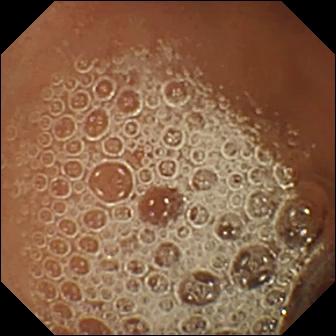{"modality": "capsule endoscopy", "finding": "normal clean mucosa"}